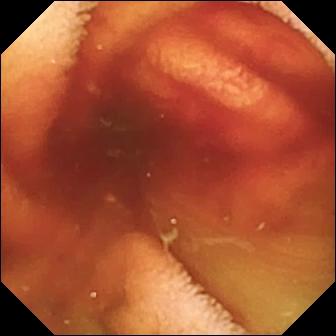- modality: WCE
- category: luminal finding
- observation: fresh blood in the lumen